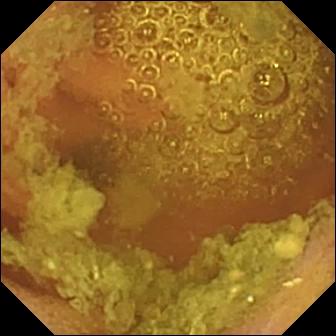WCE — normal clean mucosa.